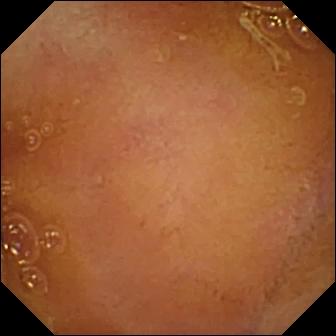Wireless capsule endoscopy. Small bowel. Luminal finding. Label: normal clean mucosa.